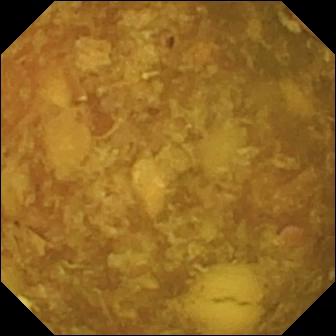modality: video capsule endoscopy
observation: reduced mucosal view (content or bubbles obscuring the mucosa)